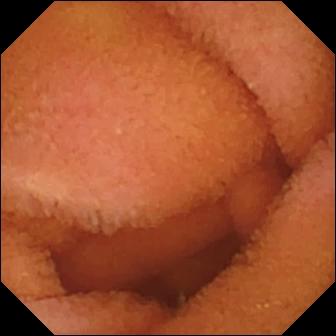Normal clean mucosa — WCE snapshot.